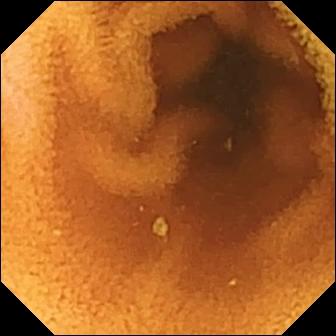PROCEDURE: WCE.
FINDINGS: Normal clean mucosa.